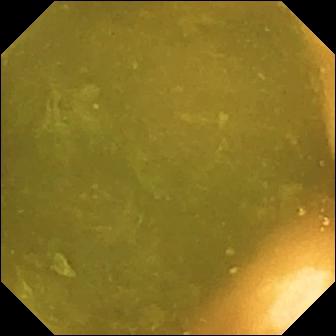Video capsule endoscopy view. Taken in the ileo-cecal valve region (the transition from the small bowel to the large bowel).